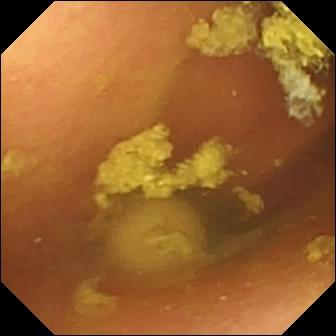Q: What does this small-bowel capsule endoscopy still show?
A: Foreign body (e.g. retained capsule, tablet residue).